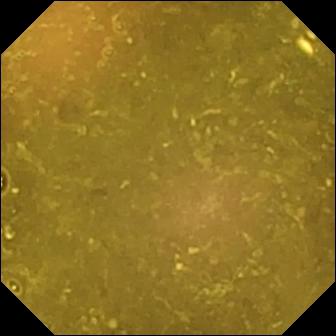modality: video capsule endoscopy | segment: small intestine | finding: reduced mucosal view (content or bubbles obscuring the mucosa)